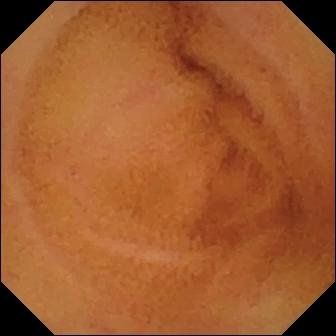WCE. Observation: normal clean mucosa.